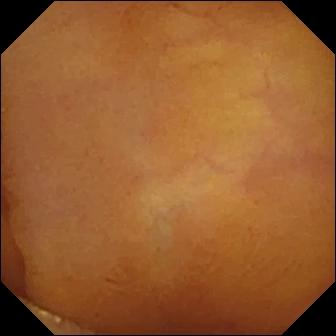{"modality": "capsule endoscopy", "finding": "normal clean mucosa"}